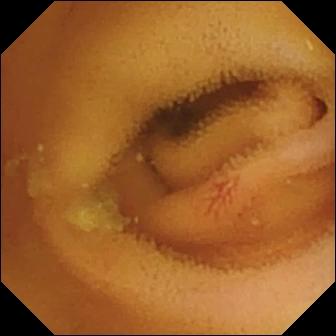modality: capsule endoscopy
finding: angiectasia